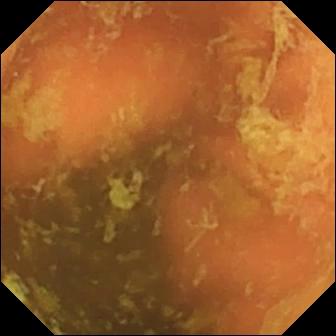modality: VCE
location: ileo-cecal valve region (where the capsule passes from the small bowel into the large bowel)